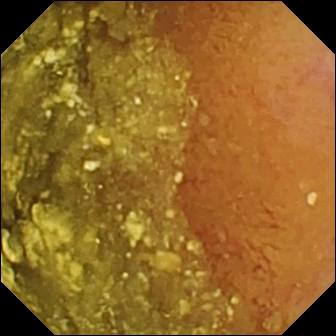Small-bowel capsule endoscopy image showing normal clean mucosa.